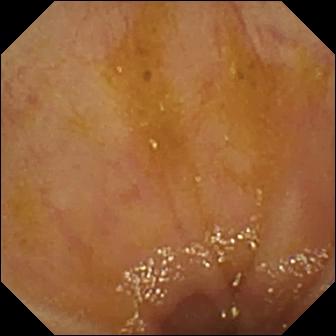PROCEDURE: Small-bowel capsule endoscopy.
VIDEO SEGMENT: Ileo-cecal valve region.